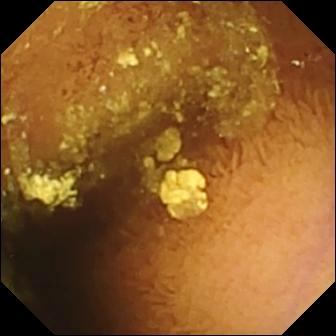This small-bowel capsule endoscopy frame of the small intestine shows normal clean mucosa.